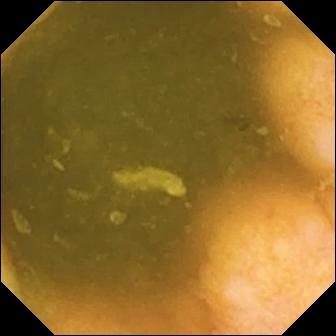Ileo-cecal valve region (where the capsule passes from the small bowel into the large bowel) — small-bowel capsule endoscopy frame.